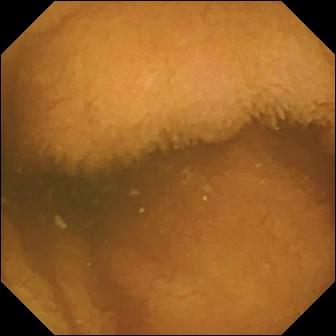This wireless capsule endoscopy image of the small intestine shows normal clean mucosa.